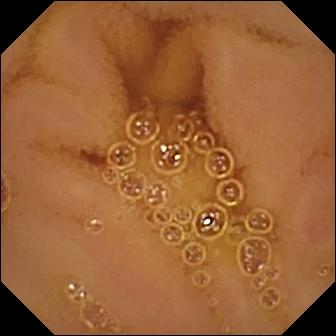Q: What does this VCE snapshot show?
A: Normal clean mucosa.